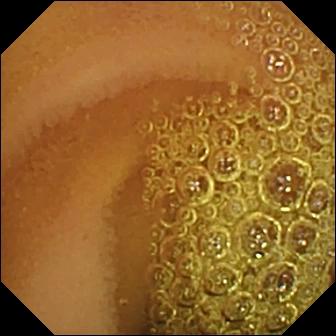This video capsule endoscopy view shows normal clean mucosa.